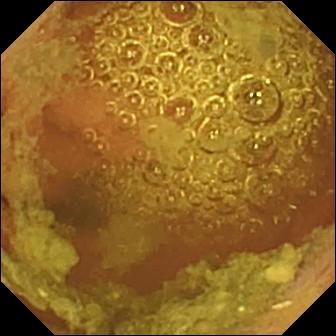WCE. Luminal finding. Finding: normal clean mucosa.